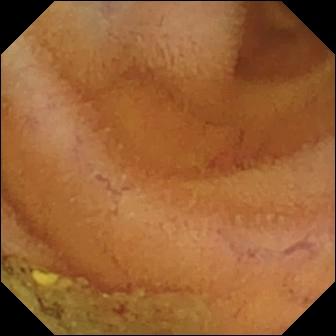PROCEDURE: VCE.
SEGMENT: Small bowel.
FINDINGS: Normal clean mucosa.